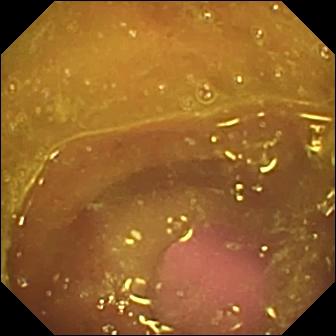Video capsule endoscopy — reduced mucosal view (content or bubbles obscuring the mucosa).